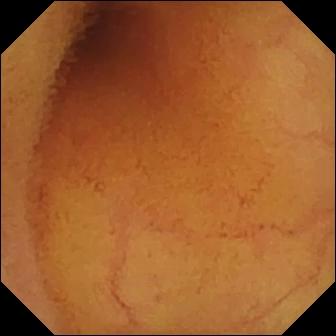Capsule endoscopy — normal clean mucosa.